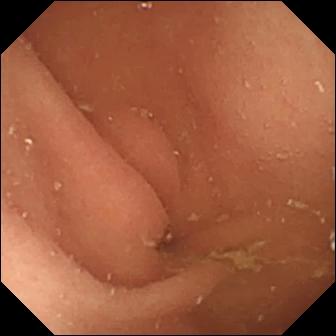Q: Where in the digestive tract was this WCE snapshot taken?
A: Pylorus region (where the capsule passes from the stomach into the small bowel).